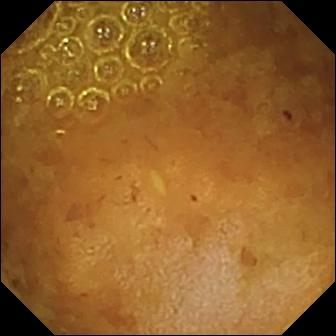Capsule endoscopy. Label: reduced mucosal view (content or bubbles obscuring the mucosa).